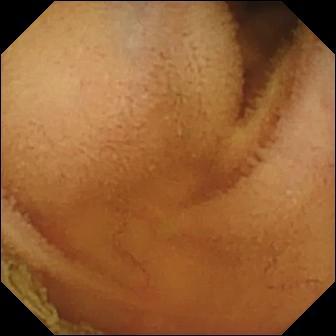Normal clean mucosa — VCE image.